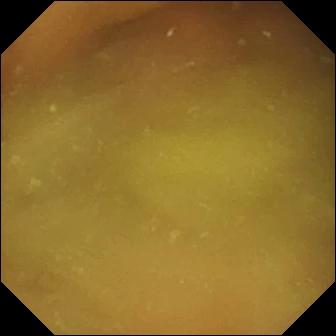Video capsule endoscopy — normal clean mucosa.